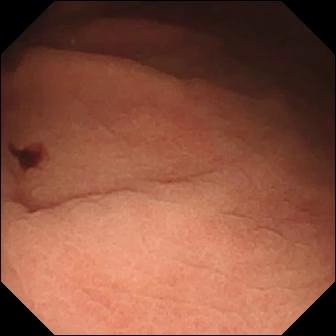Small-bowel capsule endoscopy snapshot showing angiectasia.